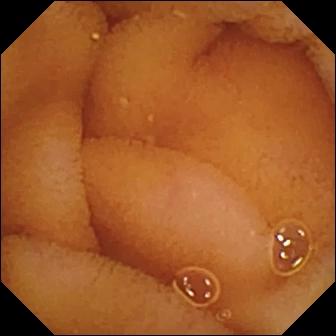Small-bowel capsule endoscopy image of the small intestine showing normal clean mucosa.